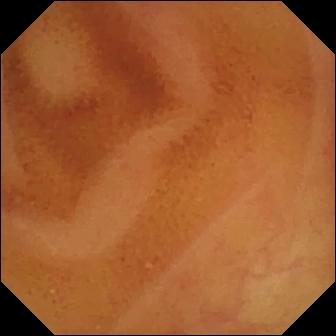VCE — normal clean mucosa.